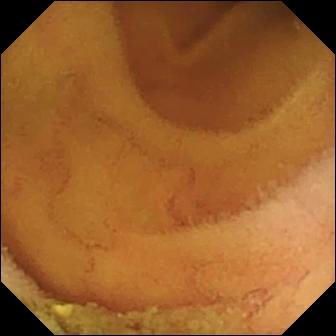VCE image of the small intestine showing normal clean mucosa.